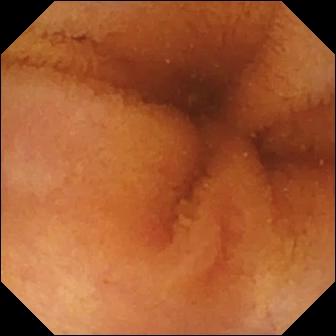- modality: WCE
- observation: normal clean mucosa